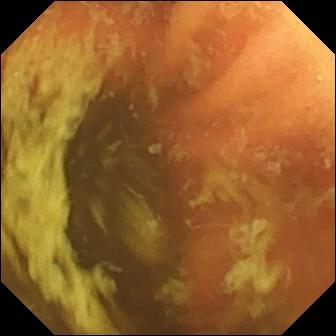Q: Where in the digestive tract was this small-bowel capsule endoscopy view taken?
A: Ileo-cecal valve region.